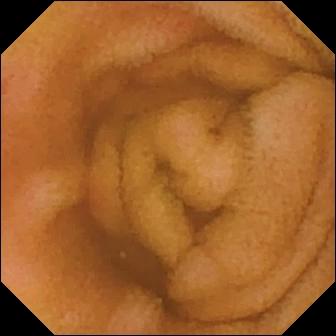PROCEDURE: WCE.
FINDINGS: Erythema (mucosal redness).